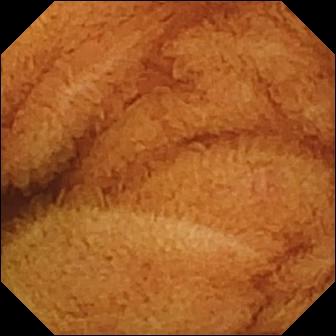Q: What does this wireless capsule endoscopy still show?
A: Normal clean mucosa.